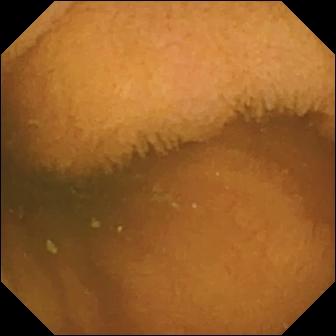This capsule endoscopy view of the small bowel shows normal clean mucosa.